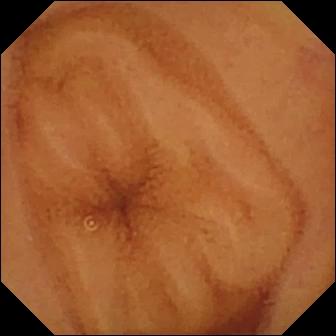modality: capsule endoscopy; category: luminal finding; impression: normal clean mucosa